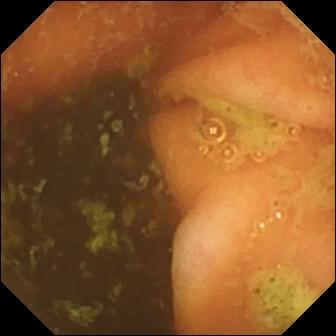Wireless capsule endoscopy — ileo-cecal valve region.